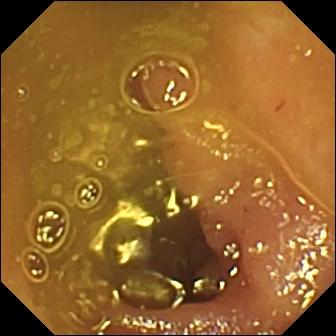Ileo-cecal valve region.